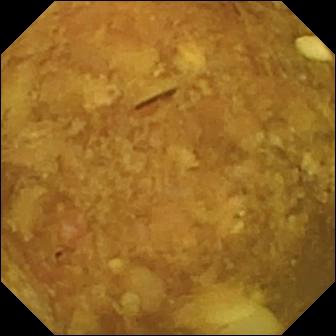WCE snapshot of the small bowel showing reduced mucosal view (content or bubbles obscuring the mucosa).